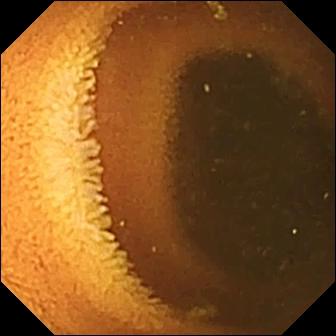Normal clean mucosa.